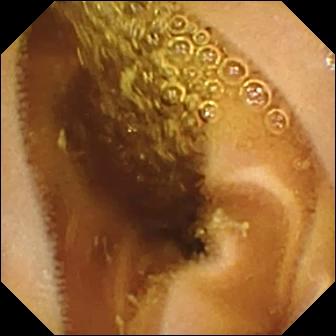Small-bowel capsule endoscopy frame. Normal clean mucosa.